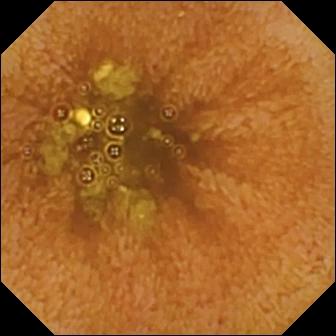PROCEDURE: Small-bowel capsule endoscopy.
POSITION: Ileo-cecal valve region.